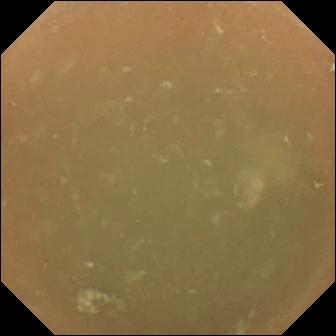VCE. Small intestine. Luminal finding. Impression: normal clean mucosa.